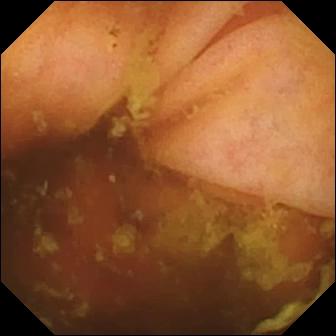{"modality": "small-bowel capsule endoscopy", "category": "anatomical landmark", "position": "ileo-cecal valve region (where the capsule passes from the small bowel into the large bowel)"}